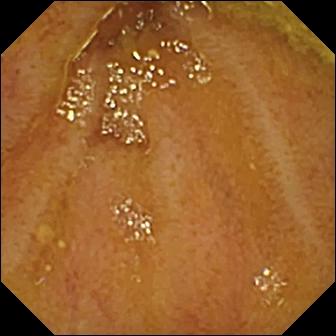PROCEDURE: Video capsule endoscopy.
LOCATION: Ileo-cecal valve region (the transition from the small bowel to the large bowel).